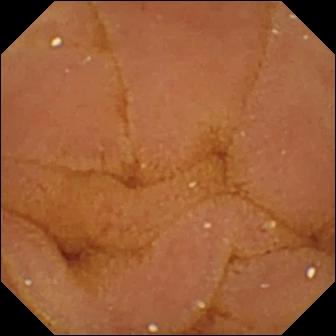{"modality": "WCE", "finding": "normal clean mucosa"}